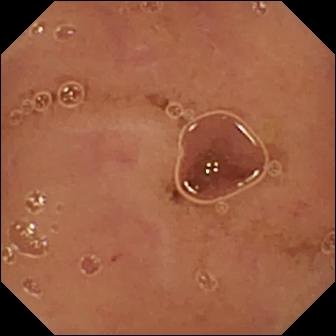Video capsule endoscopy frame showing normal clean mucosa.